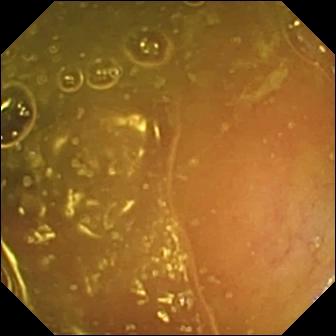This small-bowel capsule endoscopy frame was taken in the ileo-cecal valve region (where the capsule passes from the small bowel into the large bowel).